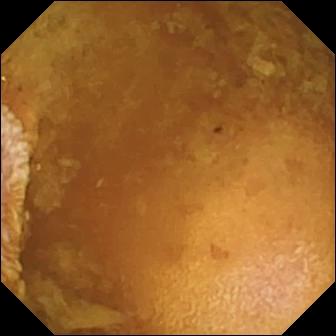modality: small-bowel capsule endoscopy
segment: small intestine
impression: reduced mucosal view (content or bubbles obscuring the mucosa)